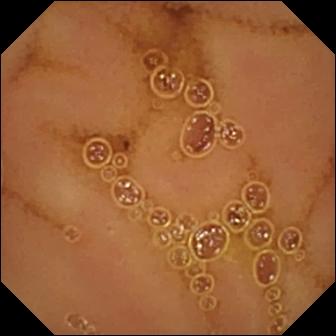{"modality": "VCE", "category": "luminal finding", "finding": "normal clean mucosa"}